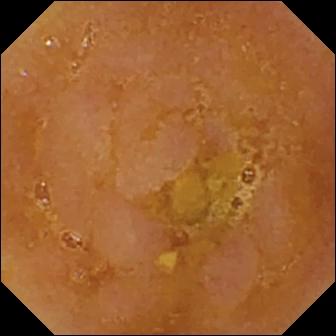WCE still, small intestine
Impression: reduced mucosal view (content or bubbles obscuring the mucosa)